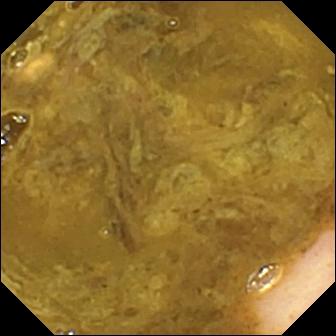Q: Where in the digestive tract was this WCE view taken?
A: Ileo-cecal valve region (the transition from the small bowel to the large bowel).